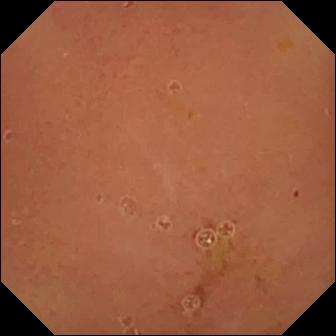Normal clean mucosa — wireless capsule endoscopy still.